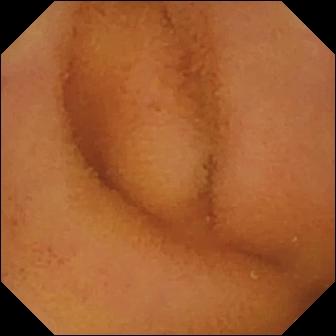Capsule endoscopy snapshot. Normal clean mucosa.